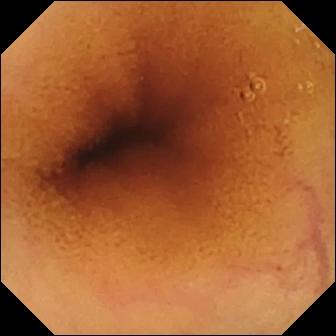Video capsule endoscopy still showing normal clean mucosa.